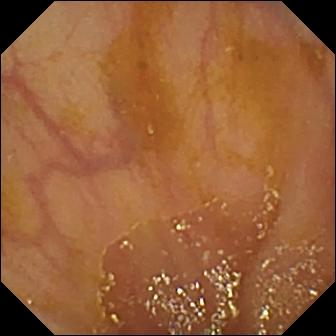Wireless capsule endoscopy still taken in the ileo-cecal valve region (the transition from the small bowel to the large bowel).